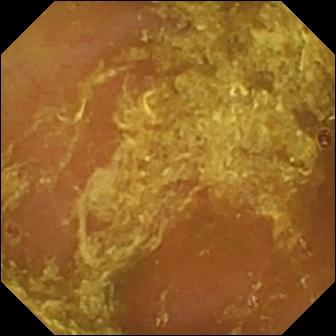Reduced mucosal view (content or bubbles obscuring the mucosa) — VCE frame.